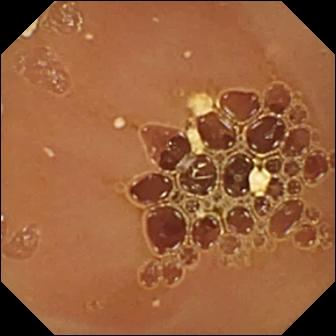WCE — normal clean mucosa.